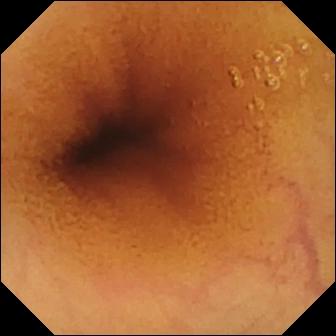Normal clean mucosa (336×336).